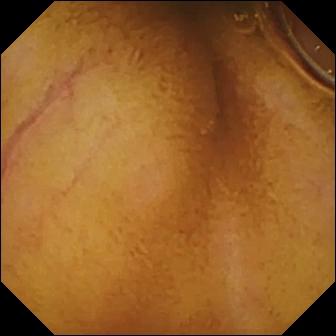Capsule endoscopy still, small intestine
Impression: normal clean mucosa